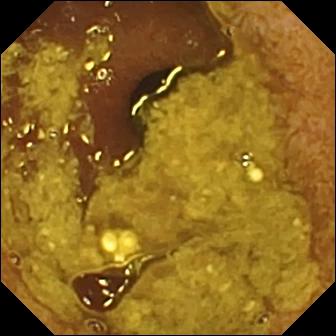Q: Where in the digestive tract was this video capsule endoscopy image taken?
A: Ileo-cecal valve region (the transition from the small bowel to the large bowel).